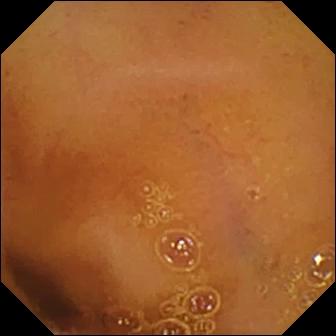modality: wireless capsule endoscopy | segment: small intestine | category: luminal finding | finding: normal clean mucosa